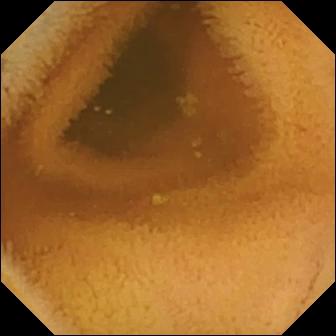{"modality": "WCE", "category": "luminal finding", "finding": "normal clean mucosa"}